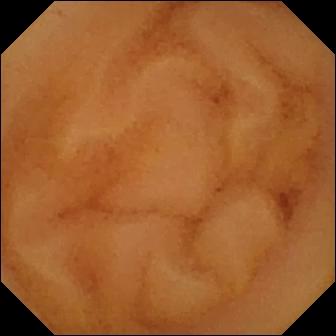Video capsule endoscopy view (small intestine). Normal clean mucosa.